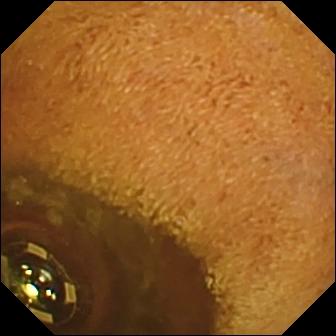This small-bowel capsule endoscopy view shows foreign body (e.g. retained capsule, tablet residue).